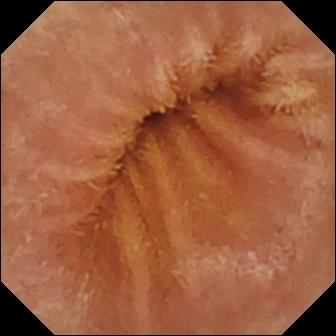modality: capsule endoscopy; segment: small intestine; label: normal clean mucosa